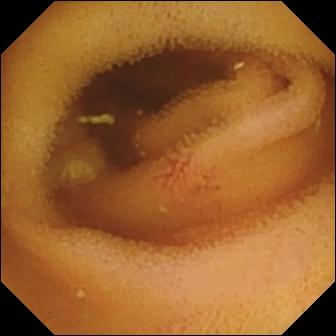WCE image, 336×336. Angiectasia.